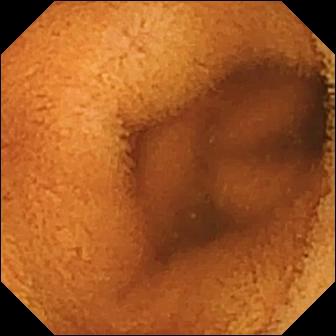Capsule endoscopy view, small bowel
Finding: normal clean mucosa